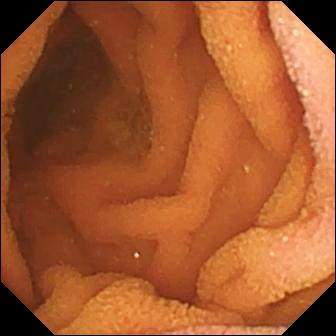Normal clean mucosa.